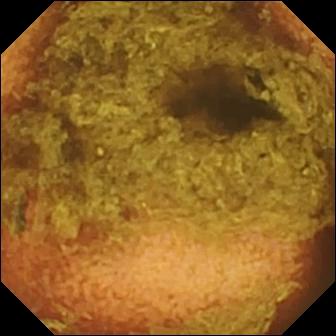This video capsule endoscopy view of the small intestine shows normal clean mucosa.